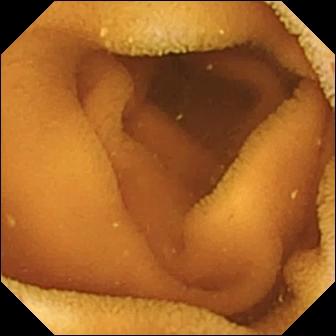Small-bowel capsule endoscopy — normal clean mucosa.